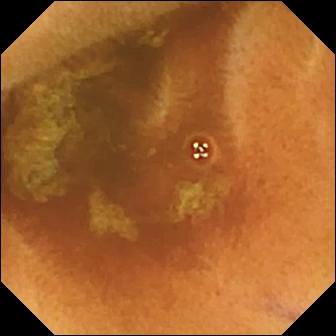Q: What does this capsule endoscopy frame show?
A: Normal clean mucosa.